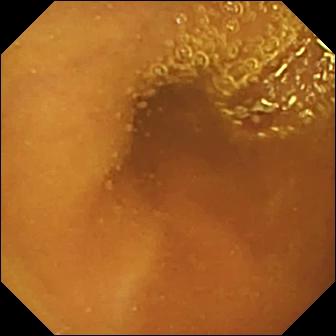Wireless capsule endoscopy image. Normal clean mucosa.